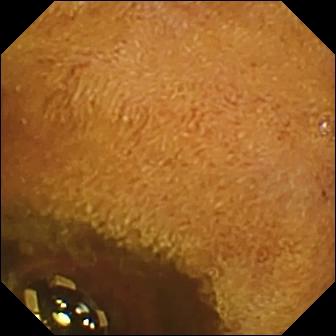modality: video capsule endoscopy | observation: foreign body (e.g. retained capsule, tablet residue)